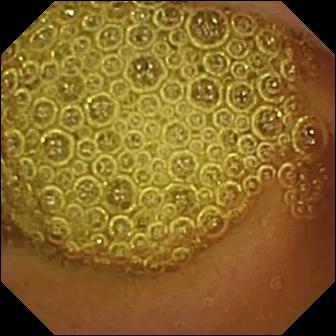Normal clean mucosa — WCE frame.